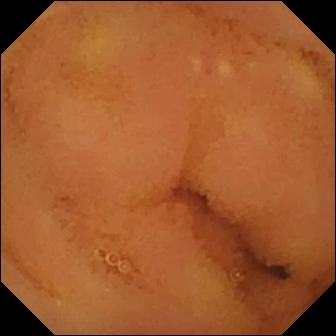modality: wireless capsule endoscopy | segment: small intestine | observation: normal clean mucosa